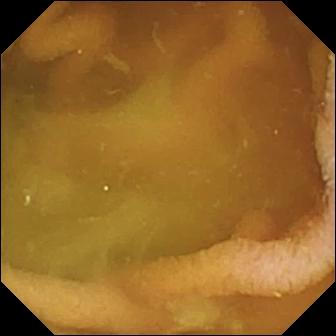- modality: small-bowel capsule endoscopy
- category: luminal finding
- finding: normal clean mucosa